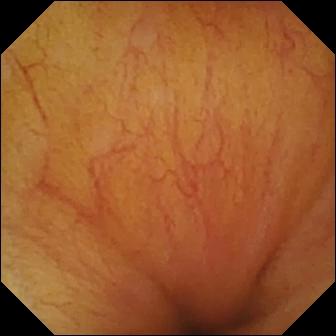VCE snapshot
Label: ileo-cecal valve region (the transition from the small bowel to the large bowel)